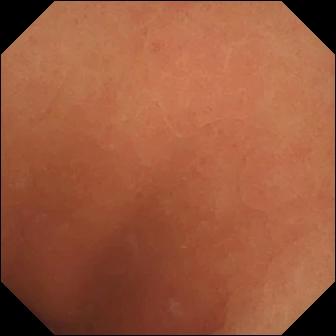Q: What does this VCE view show?
A: Normal clean mucosa.